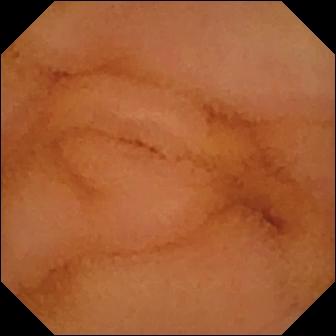Video capsule endoscopy — normal clean mucosa.